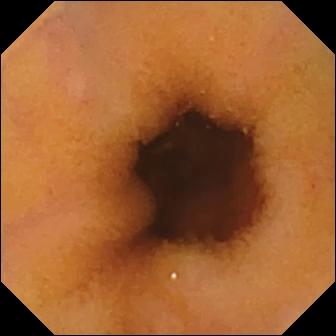VCE frame of the small intestine showing normal clean mucosa.